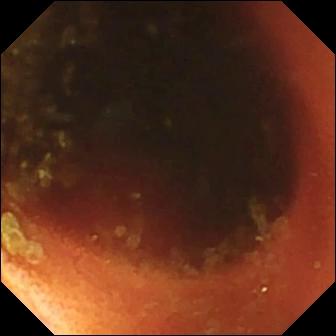WCE. Video segment: ileo-cecal valve region (the transition from the small bowel to the large bowel).